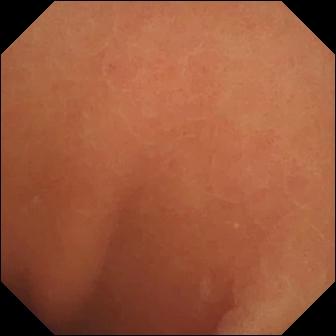modality: WCE
impression: normal clean mucosa